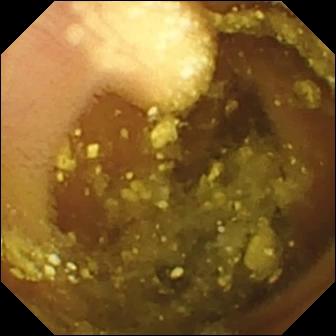Lymphangiectasia.